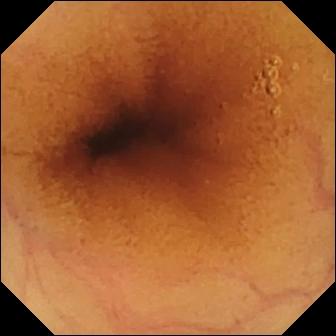Video capsule endoscopy. Small intestine. Observation: normal clean mucosa.